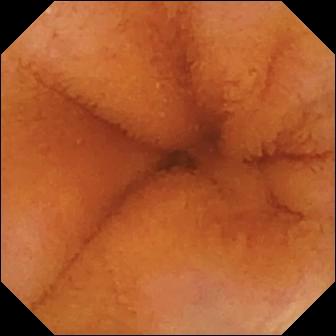Capsule endoscopy. Impression: normal clean mucosa.